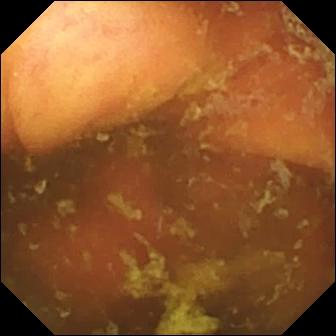Ileo-cecal valve region (the transition from the small bowel to the large bowel) — small-bowel capsule endoscopy snapshot.